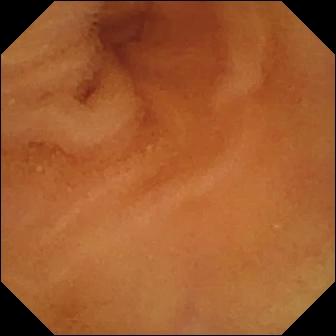VCE view, small bowel
Observation: normal clean mucosa